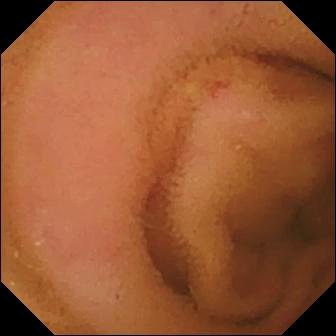This VCE still shows normal clean mucosa.